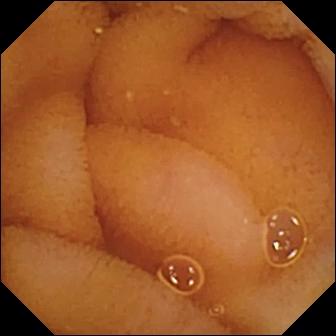modality: capsule endoscopy; category: luminal finding; observation: normal clean mucosa